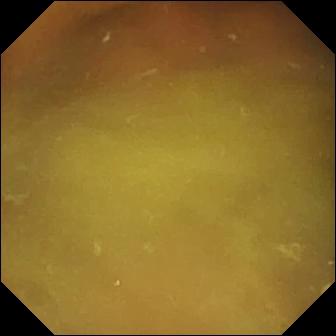Capsule endoscopy still
Label: normal clean mucosa